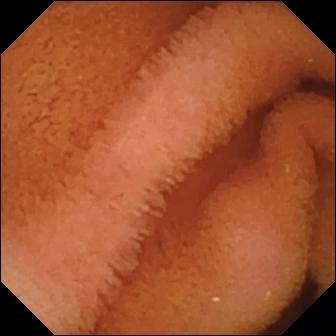Small-bowel capsule endoscopy. Small bowel. Observation: normal clean mucosa.